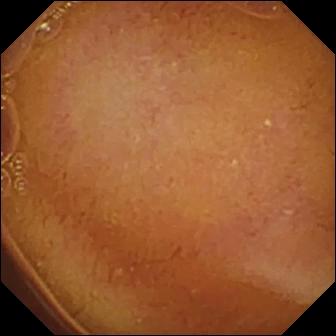VCE. Luminal finding. Observation: normal clean mucosa.